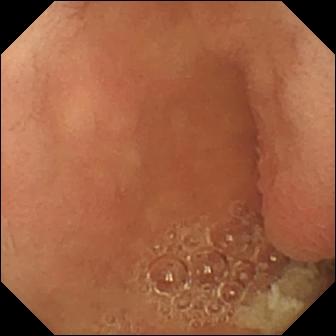- modality: capsule endoscopy
- location: pylorus region